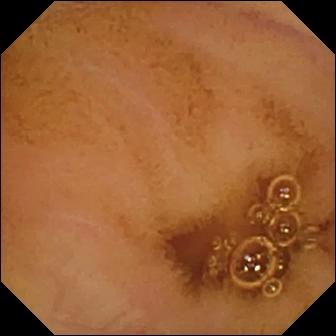{"modality": "small-bowel capsule endoscopy", "finding": "normal clean mucosa"}